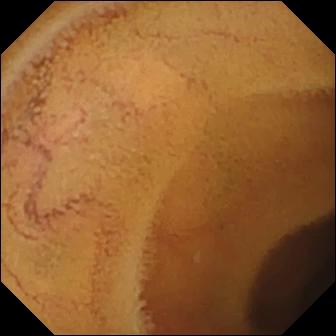modality: WCE | category: luminal finding | finding: normal clean mucosa